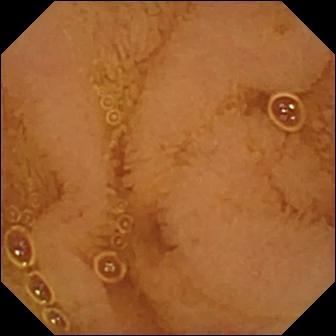Wireless capsule endoscopy frame showing normal clean mucosa.